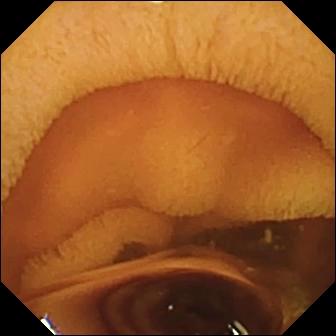{"modality": "video capsule endoscopy", "segment": "small bowel", "finding": "normal clean mucosa"}